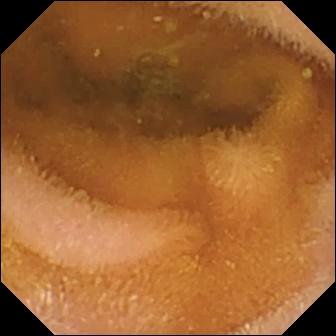VCE frame
Impression: normal clean mucosa